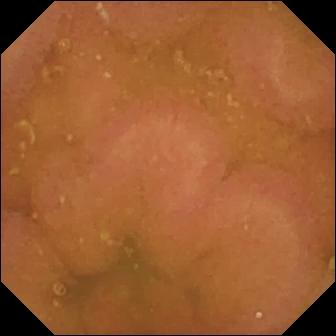Capsule endoscopy. Finding: normal clean mucosa.